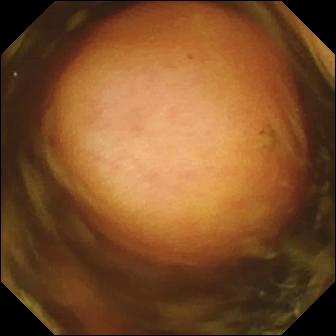Video capsule endoscopy snapshot, 336×336. Polyp.